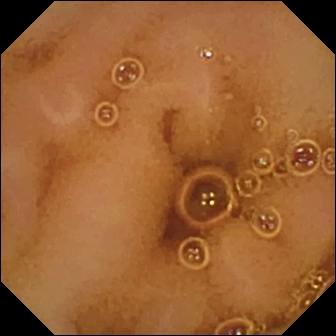Small-bowel capsule endoscopy image, small bowel
Impression: normal clean mucosa